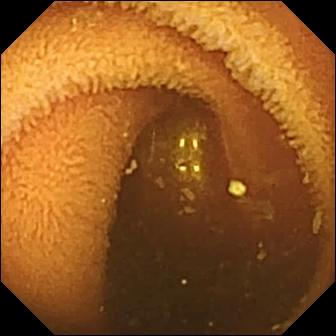PROCEDURE: Small-bowel capsule endoscopy.
SEGMENT: Small bowel.
FINDINGS: Normal clean mucosa.